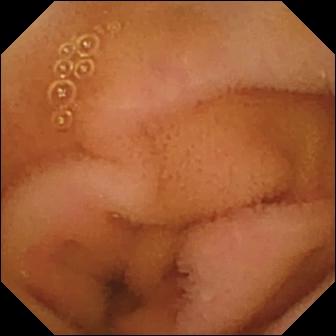Small-bowel capsule endoscopy frame. Normal clean mucosa.